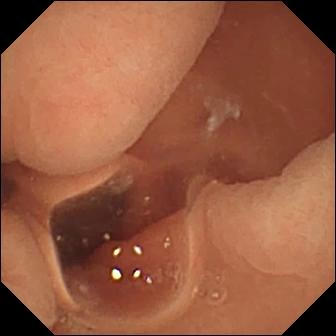{"modality": "capsule endoscopy", "finding": "normal clean mucosa"}